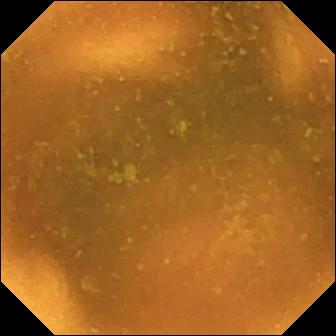Normal clean mucosa — video capsule endoscopy view.